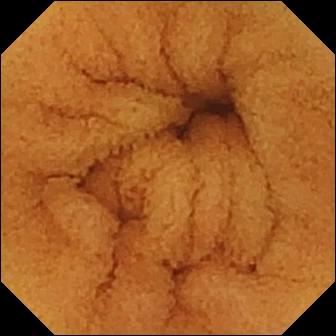Video capsule endoscopy still of the small bowel showing normal clean mucosa.